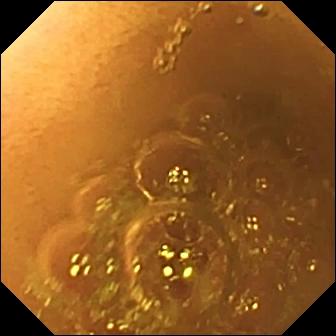Video capsule endoscopy — normal clean mucosa.